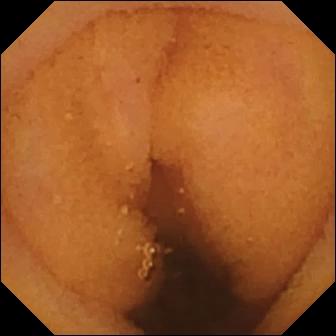Wireless capsule endoscopy. Label: normal clean mucosa.